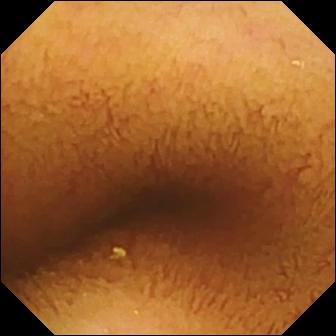Capsule endoscopy snapshot showing normal clean mucosa.